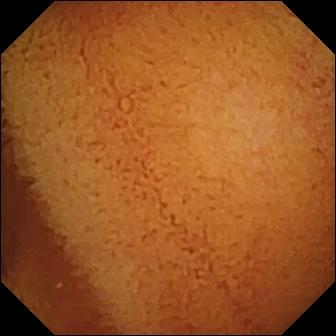WCE image of the small bowel showing normal clean mucosa.